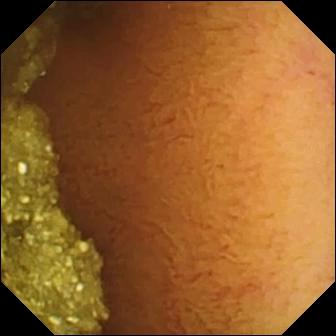PROCEDURE: WCE.
FINDINGS: Normal clean mucosa.